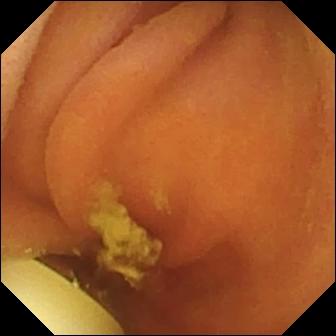Wireless capsule endoscopy — foreign body (e.g. retained capsule, tablet residue).